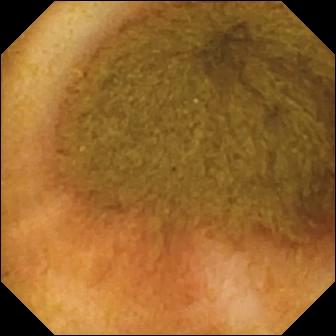Video capsule endoscopy. Label: ileo-cecal valve region (the transition from the small bowel to the large bowel).